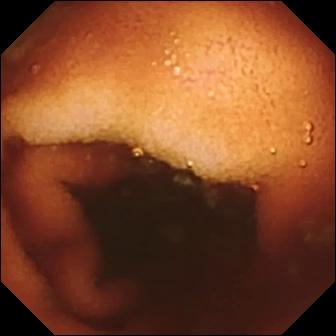VCE — ileo-cecal valve region.